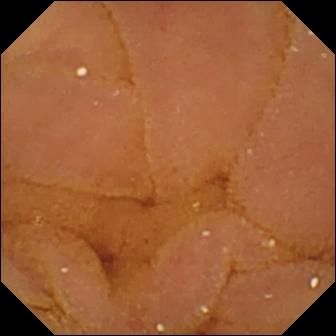PROCEDURE: WCE.
SEGMENT: Small bowel.
FINDINGS: Normal clean mucosa.